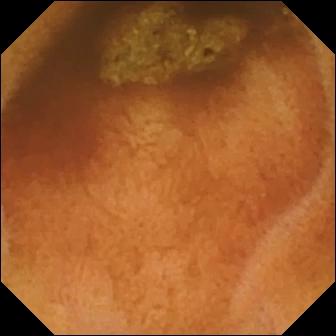modality: small-bowel capsule endoscopy; category: luminal finding; observation: normal clean mucosa